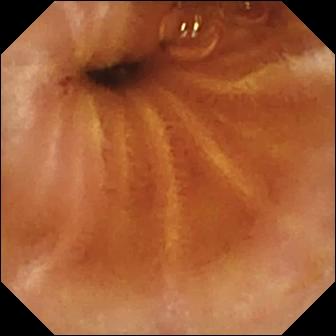Normal clean mucosa (336×336).